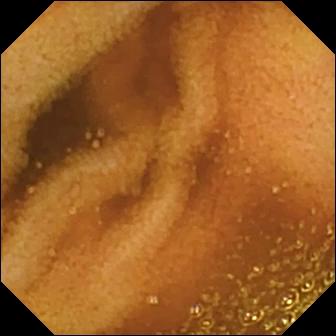This video capsule endoscopy still shows normal clean mucosa.